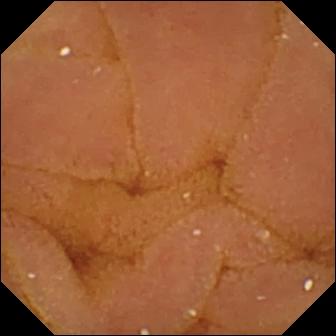Normal clean mucosa — small-bowel capsule endoscopy view of the small intestine.